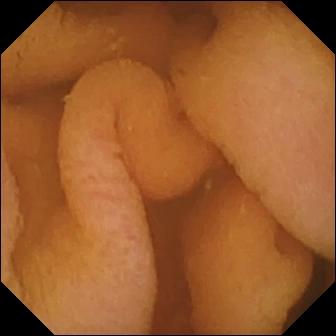modality: wireless capsule endoscopy
segment: small bowel
finding: normal clean mucosa